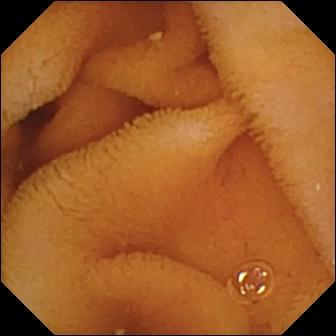Wireless capsule endoscopy frame of the small intestine showing normal clean mucosa.